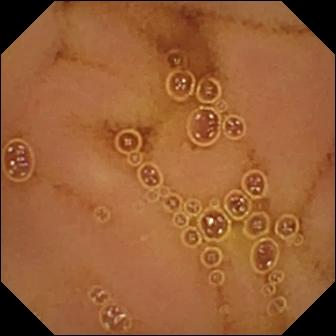Small-bowel capsule endoscopy still showing normal clean mucosa.